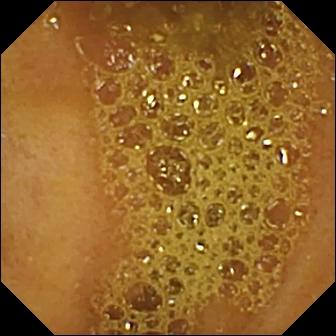Capsule endoscopy — ileo-cecal valve region (the transition from the small bowel to the large bowel).